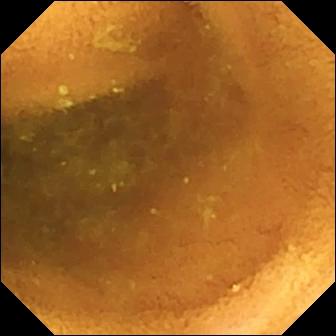Normal clean mucosa — VCE frame.